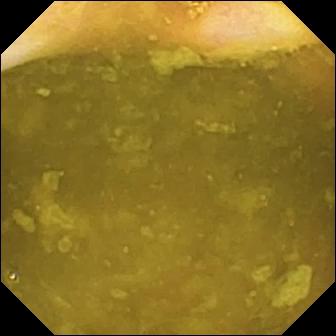- modality: VCE
- category: anatomical landmark
- location: ileo-cecal valve region (the transition from the small bowel to the large bowel)